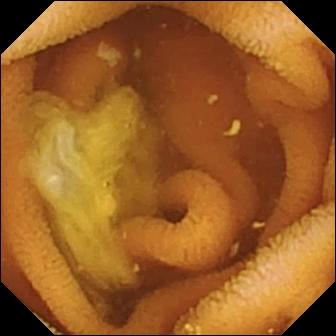Capsule endoscopy still
Finding: normal clean mucosa